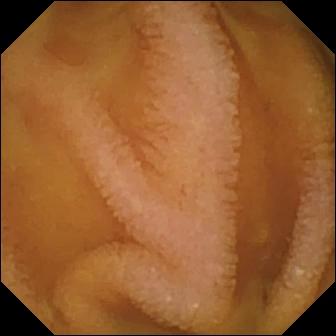Capsule endoscopy. Small bowel. Label: normal clean mucosa.